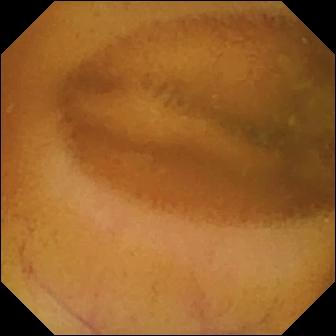VCE snapshot
Impression: normal clean mucosa